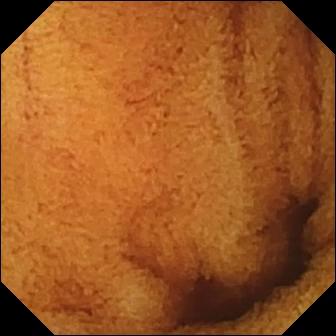Small-bowel capsule endoscopy — normal clean mucosa.